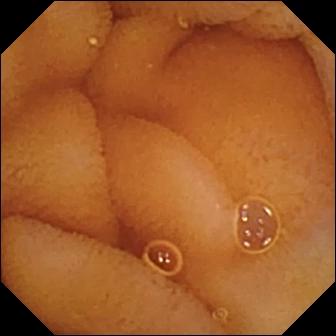PROCEDURE: VCE.
SEGMENT: Small intestine.
FINDINGS: Normal clean mucosa.